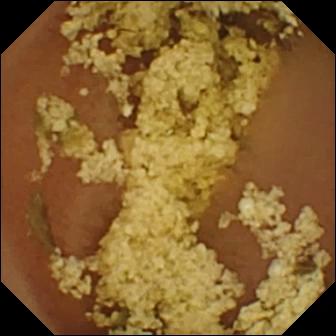Q: What does this capsule endoscopy image of the small bowel show?
A: Normal clean mucosa.